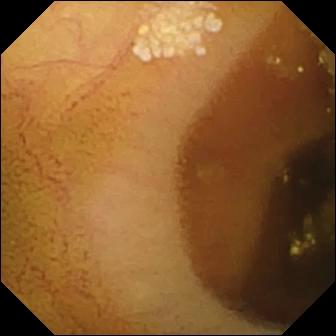Wireless capsule endoscopy. Luminal finding. Impression: lymphangiectasia.